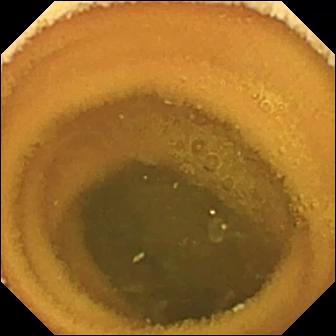Video capsule endoscopy — normal clean mucosa.